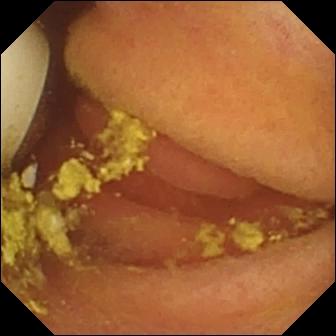{"modality": "VCE", "category": "luminal finding", "finding": "foreign body (e.g. retained capsule, tablet residue)"}